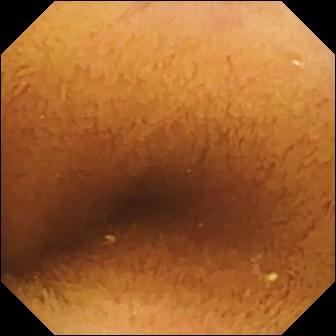{"modality": "VCE", "finding": "normal clean mucosa"}